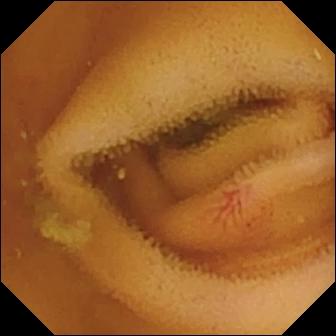modality: capsule endoscopy | category: luminal finding | label: angiectasia